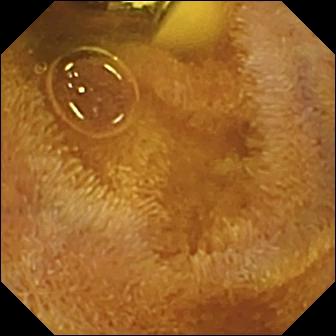Wireless capsule endoscopy snapshot, 336×336. Foreign body (e.g. retained capsule, tablet residue).